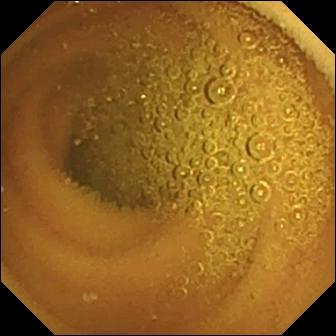PROCEDURE: Capsule endoscopy.
FINDINGS: Normal clean mucosa.